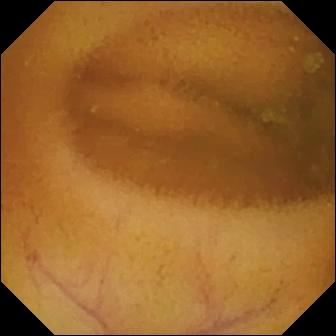PROCEDURE: Small-bowel capsule endoscopy.
FINDINGS: Normal clean mucosa.